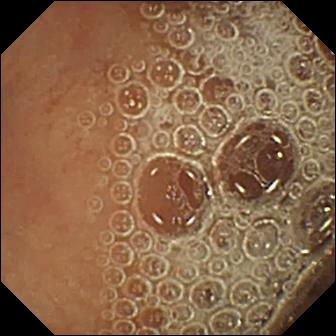modality: WCE; impression: normal clean mucosa